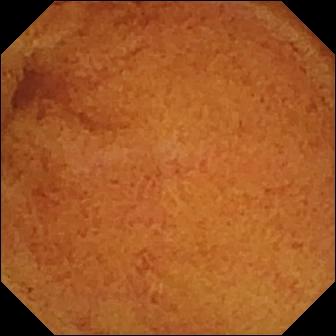PROCEDURE: VCE.
FINDINGS: Normal clean mucosa.